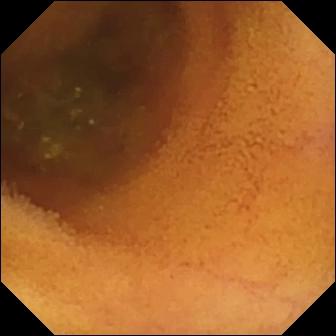VCE frame
Finding: normal clean mucosa